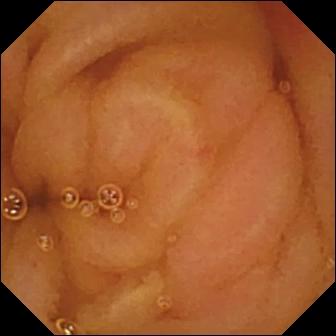- modality: VCE
- category: luminal finding
- finding: normal clean mucosa